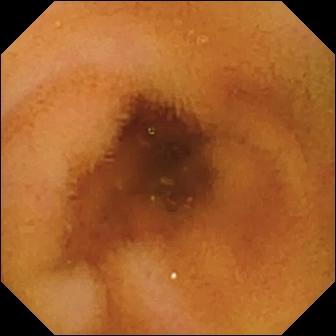VCE. Small bowel. Luminal finding. Observation: normal clean mucosa.